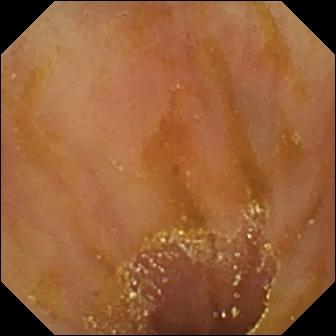WCE. Location: ileo-cecal valve region (the transition from the small bowel to the large bowel).